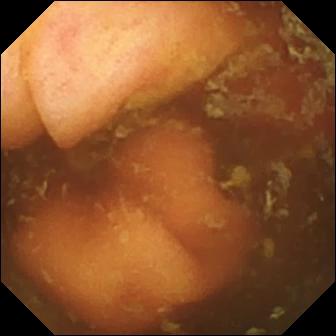Video capsule endoscopy frame taken in the ileo-cecal valve region (where the capsule passes from the small bowel into the large bowel).